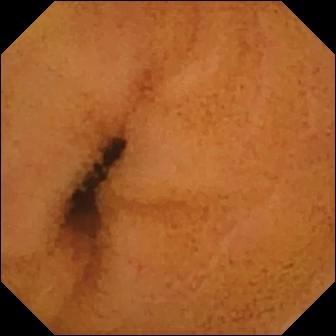Q: What does this wireless capsule endoscopy frame of the small intestine show?
A: Normal clean mucosa.